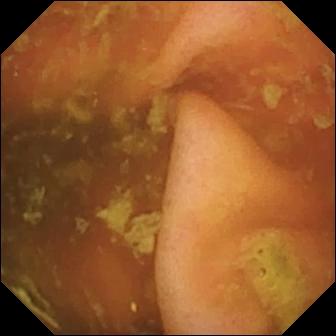Q: Where in the digestive tract was this capsule endoscopy image taken?
A: Ileo-cecal valve region.